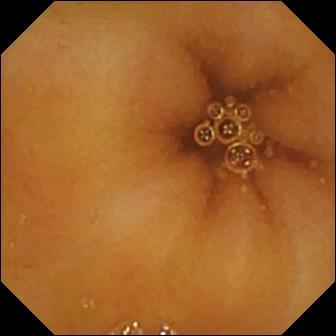WCE frame
Label: normal clean mucosa